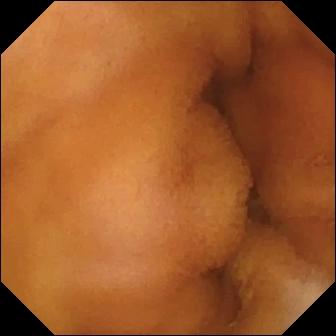PROCEDURE: Wireless capsule endoscopy.
SEGMENT: Small bowel.
FINDINGS: Normal clean mucosa.